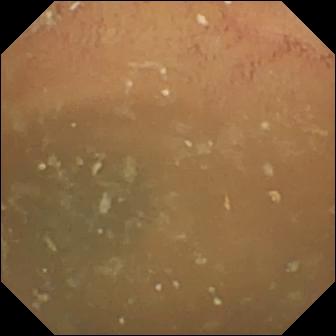{"modality": "small-bowel capsule endoscopy", "finding": "normal clean mucosa"}